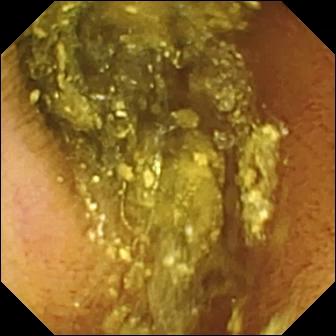Normal clean mucosa.